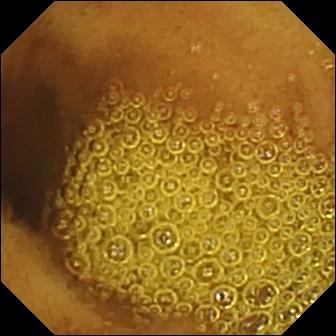{"modality": "VCE", "finding": "normal clean mucosa"}